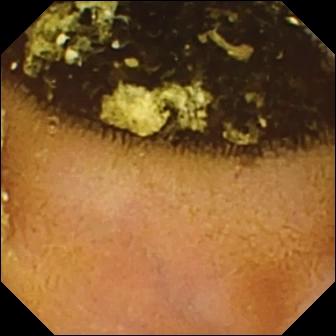Normal clean mucosa — video capsule endoscopy view.